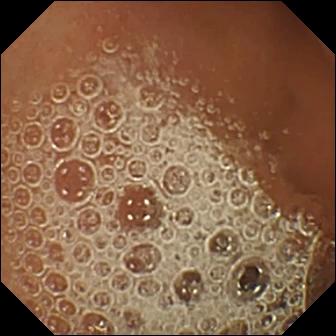Q: What does this VCE frame show?
A: Normal clean mucosa.